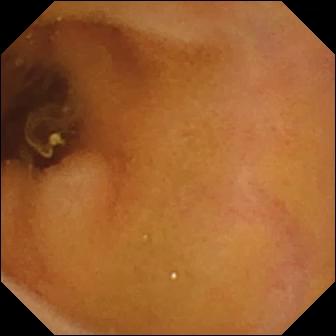This VCE snapshot shows normal clean mucosa.